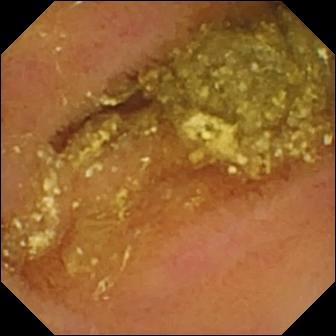modality: small-bowel capsule endoscopy
category: luminal finding
impression: normal clean mucosa